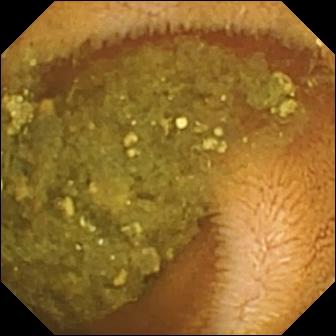modality: wireless capsule endoscopy
segment: small bowel
category: luminal finding
observation: reduced mucosal view (content or bubbles obscuring the mucosa)